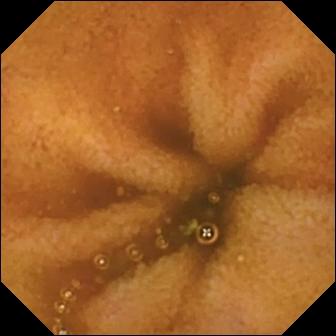- modality: video capsule endoscopy
- category: luminal finding
- observation: normal clean mucosa